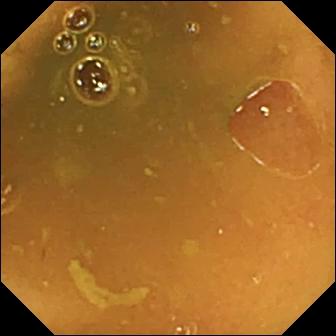Video capsule endoscopy. Near an anatomical landmark. Video segment: ileo-cecal valve region.